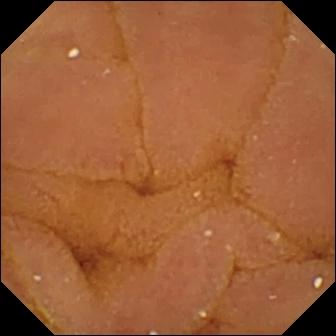{"modality": "video capsule endoscopy", "segment": "small bowel", "finding": "normal clean mucosa"}